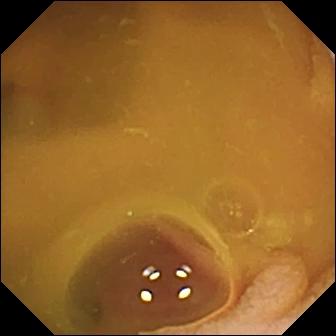PROCEDURE: Wireless capsule endoscopy.
FINDINGS: Normal clean mucosa.